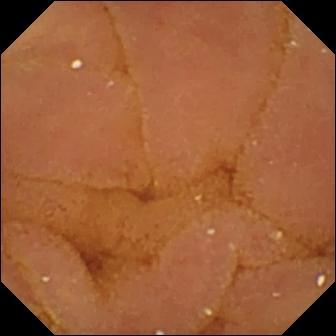Normal clean mucosa — VCE image of the small intestine.